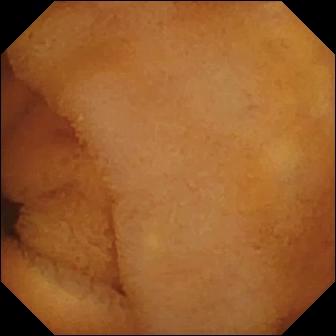{"modality": "wireless capsule endoscopy", "category": "luminal finding", "finding": "normal clean mucosa"}